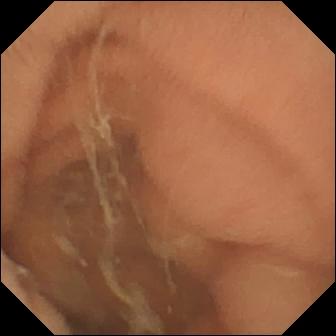- modality: small-bowel capsule endoscopy
- observation: normal clean mucosa